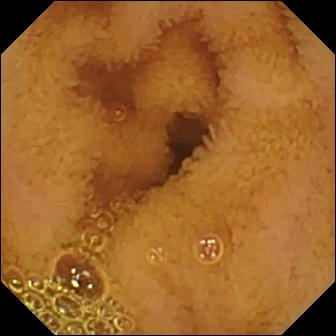Capsule endoscopy snapshot (small bowel). Normal clean mucosa.